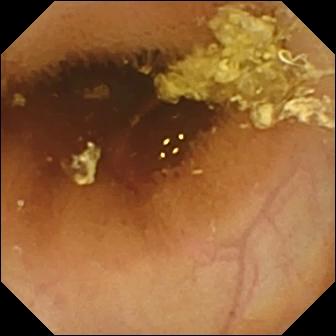{"modality": "VCE", "finding": "normal clean mucosa"}